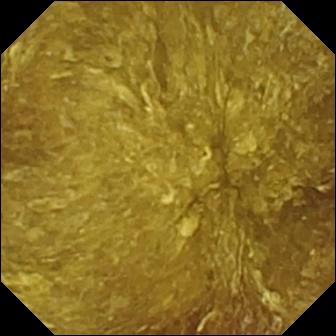VCE snapshot of the small bowel showing reduced mucosal view (content or bubbles obscuring the mucosa).